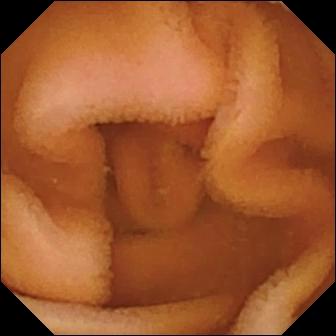modality: small-bowel capsule endoscopy; segment: small intestine; label: normal clean mucosa